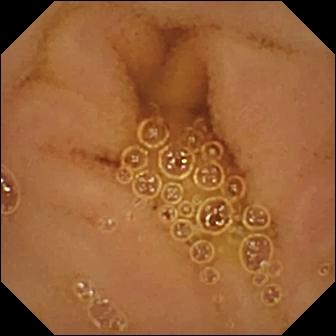Normal clean mucosa (336×336).